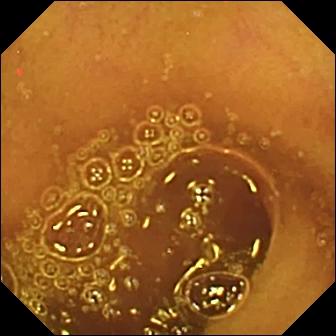Normal clean mucosa — small-bowel capsule endoscopy image of the small bowel.